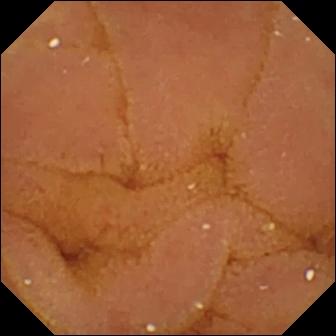{"modality": "capsule endoscopy", "finding": "normal clean mucosa"}